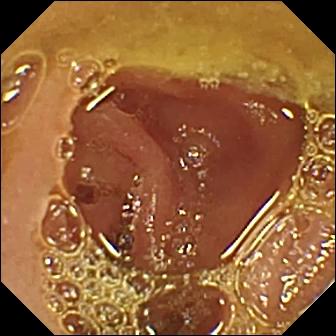VCE frame showing normal clean mucosa.